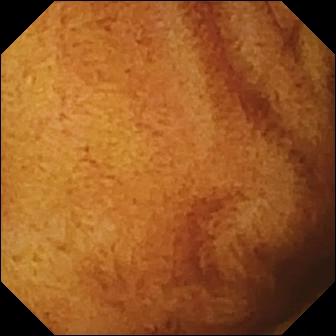VCE frame, small bowel
Label: normal clean mucosa